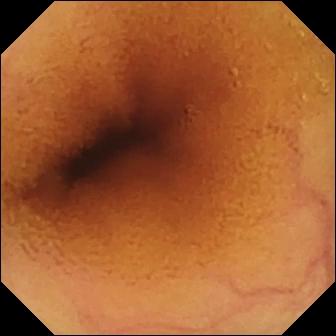Small-bowel capsule endoscopy snapshot showing normal clean mucosa.